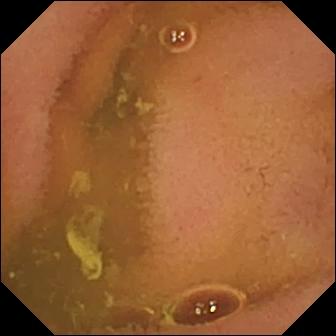Wireless capsule endoscopy view, small bowel
Label: normal clean mucosa